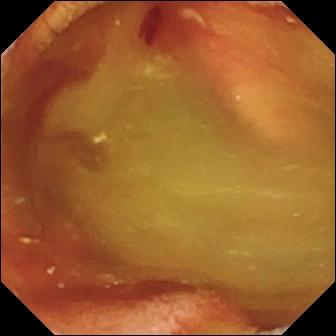modality: VCE; category: luminal finding; impression: fresh blood in the lumen